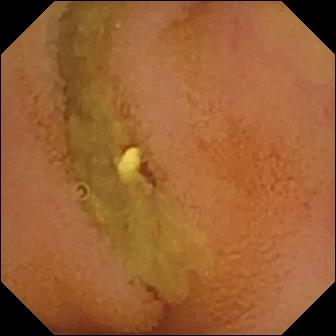Small-bowel capsule endoscopy snapshot
Label: normal clean mucosa